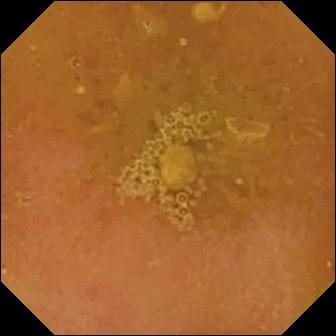Video capsule endoscopy — reduced mucosal view (content or bubbles obscuring the mucosa).